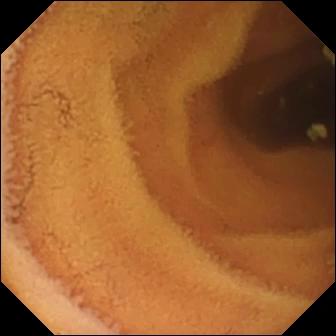- modality: wireless capsule endoscopy
- segment: small intestine
- impression: normal clean mucosa